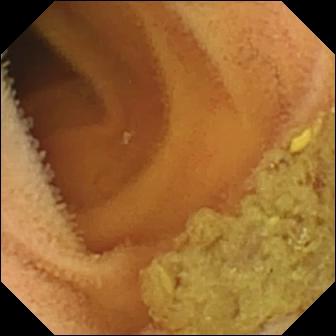Wireless capsule endoscopy still, small bowel
Finding: normal clean mucosa